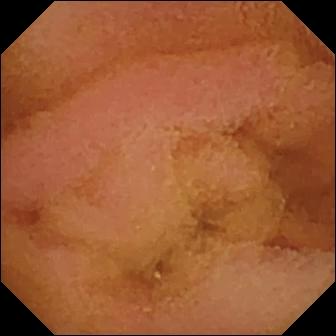{"modality": "VCE", "segment": "small bowel", "category": "luminal finding", "finding": "normal clean mucosa"}